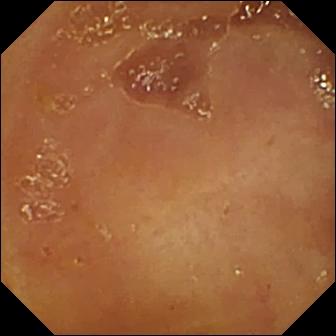Capsule endoscopy — ileo-cecal valve region (where the capsule passes from the small bowel into the large bowel).